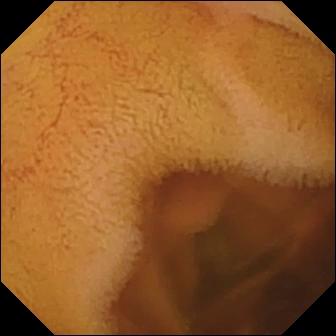Normal clean mucosa — capsule endoscopy frame of the small bowel.